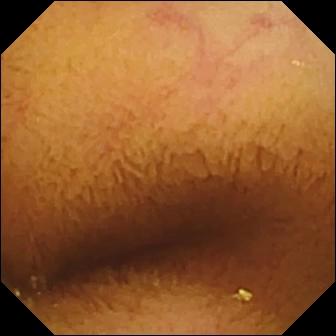- modality: wireless capsule endoscopy
- segment: small intestine
- observation: normal clean mucosa